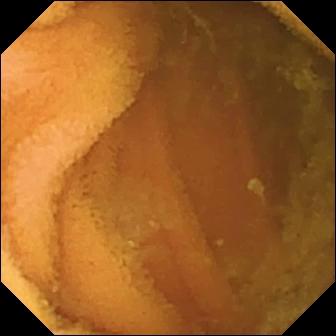Q: What does this WCE snapshot show?
A: Normal clean mucosa.